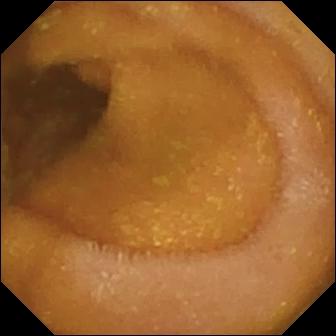Capsule endoscopy. Small bowel. Luminal finding. Impression: normal clean mucosa.